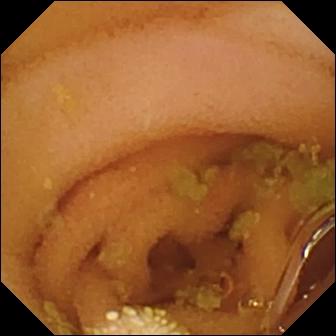modality: video capsule endoscopy
label: lymphangiectasia